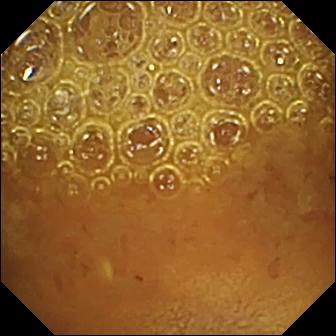PROCEDURE: Video capsule endoscopy.
SEGMENT: Small bowel.
FINDINGS: Reduced mucosal view (content or bubbles obscuring the mucosa).